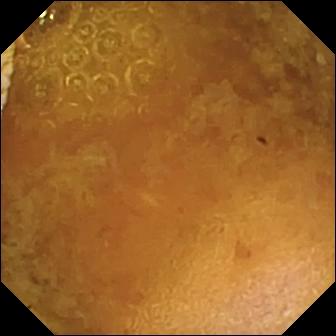Video capsule endoscopy. Small bowel. Finding: reduced mucosal view (content or bubbles obscuring the mucosa).